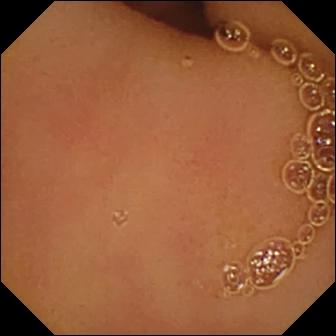Video capsule endoscopy — normal clean mucosa.